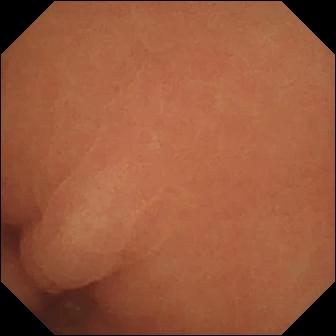Capsule endoscopy. Label: normal clean mucosa.